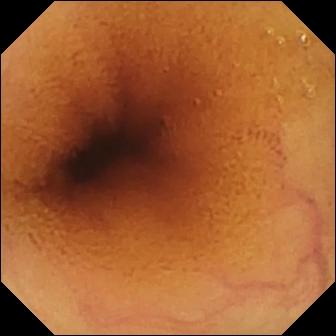Q: What does this video capsule endoscopy image of the small intestine show?
A: Normal clean mucosa.